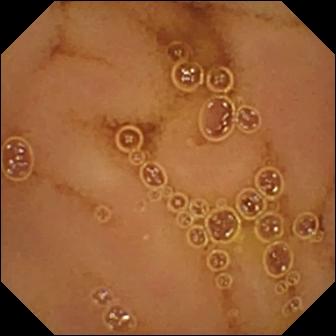Q: What does this wireless capsule endoscopy view show?
A: Normal clean mucosa.